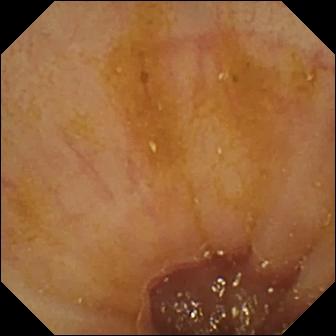Video capsule endoscopy snapshot taken in the ileo-cecal valve region.